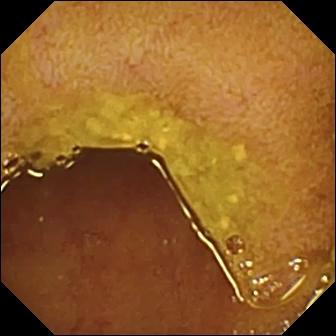Wireless capsule endoscopy image
Video segment: ileo-cecal valve region